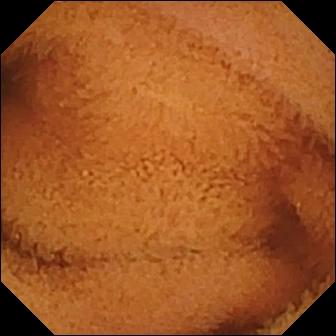WCE view, small bowel
Impression: normal clean mucosa